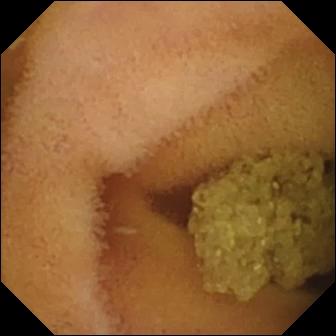Capsule endoscopy image showing normal clean mucosa.